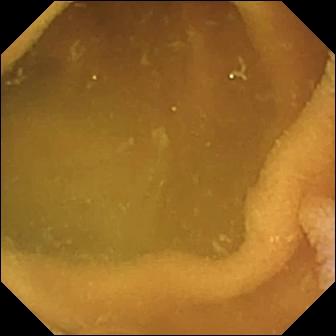- modality: WCE
- segment: small intestine
- observation: normal clean mucosa